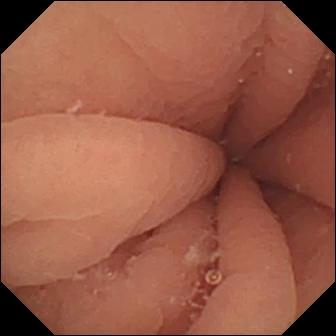Q: Where in the digestive tract was this capsule endoscopy frame taken?
A: Pylorus region (where the capsule passes from the stomach into the small bowel).